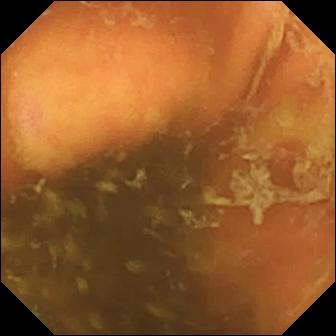- modality: capsule endoscopy
- label: ileo-cecal valve region (the transition from the small bowel to the large bowel)